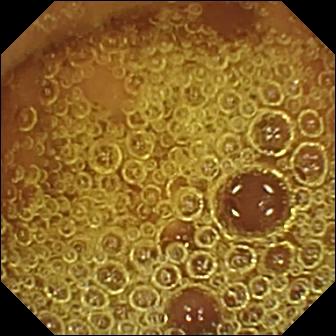Capsule endoscopy view
Impression: normal clean mucosa